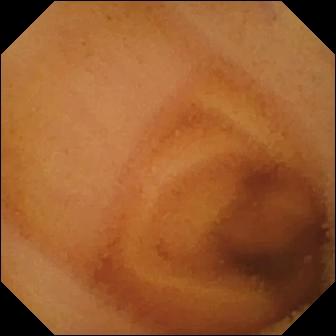VCE. Luminal finding. Impression: normal clean mucosa.